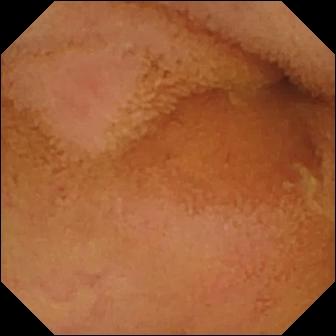Video capsule endoscopy. Luminal finding. Label: normal clean mucosa.